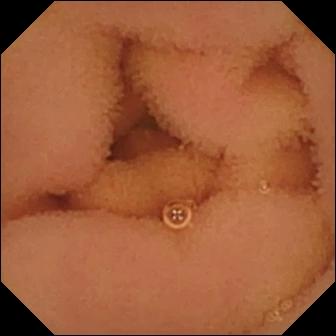Normal clean mucosa.